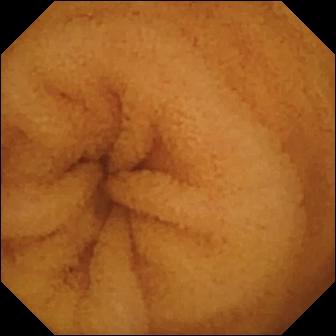This wireless capsule endoscopy still shows normal clean mucosa.